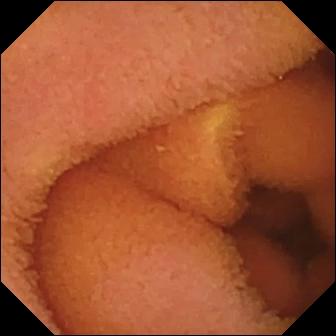Small-bowel capsule endoscopy image. Normal clean mucosa.